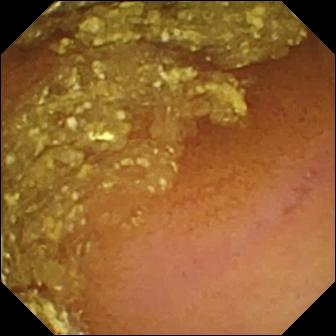PROCEDURE: Wireless capsule endoscopy.
SEGMENT: Small bowel.
FINDINGS: Normal clean mucosa.